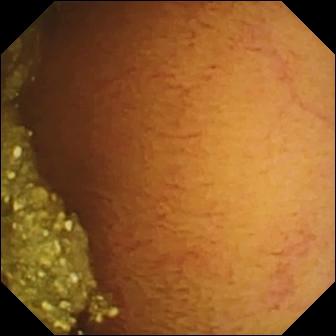Normal clean mucosa — WCE image of the small bowel.